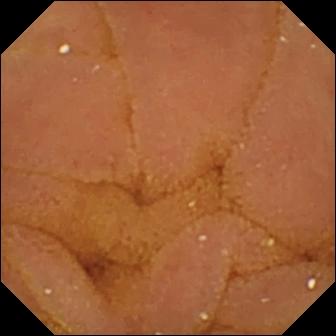Normal clean mucosa (336×336).